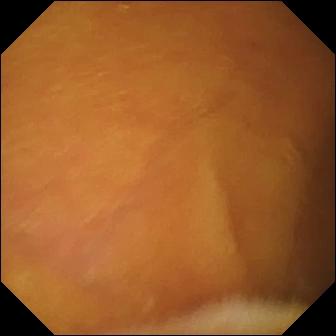Normal clean mucosa — wireless capsule endoscopy frame.